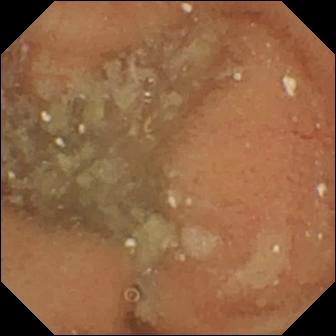- modality: VCE
- finding: normal clean mucosa